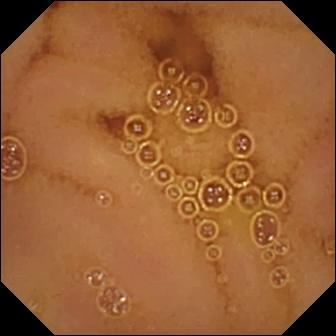This small-bowel capsule endoscopy still of the small intestine shows normal clean mucosa.